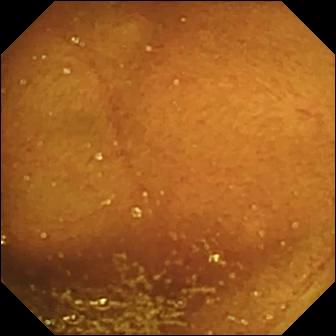WCE frame
Label: ileo-cecal valve region (the transition from the small bowel to the large bowel)